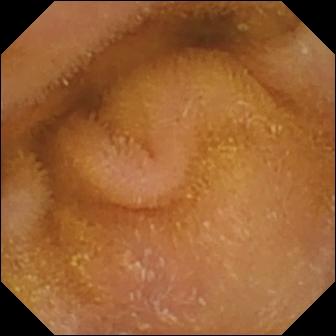{"modality": "wireless capsule endoscopy", "finding": "normal clean mucosa"}